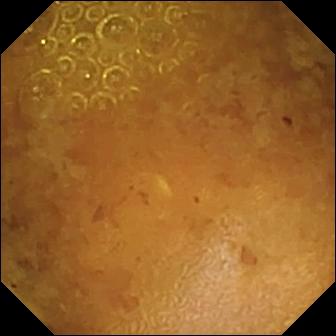- modality: video capsule endoscopy
- category: luminal finding
- label: reduced mucosal view (content or bubbles obscuring the mucosa)